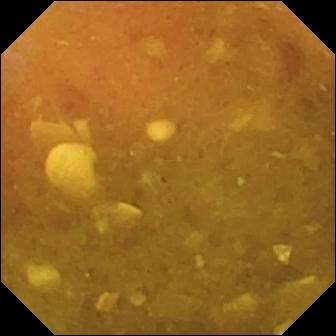Q: What does this WCE frame show?
A: Reduced mucosal view (content or bubbles obscuring the mucosa).